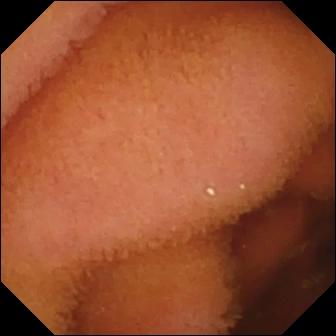Normal clean mucosa.